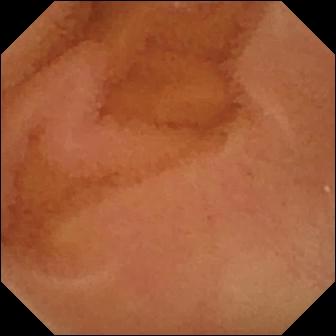VCE view of the small bowel showing normal clean mucosa.